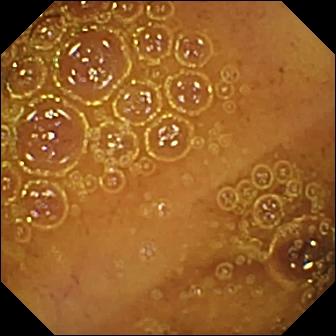Small-bowel capsule endoscopy snapshot, small intestine
Label: normal clean mucosa